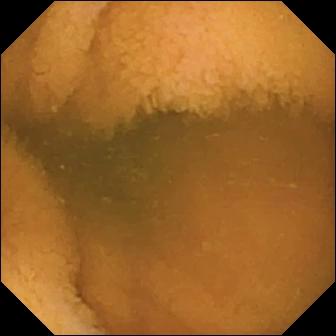- modality: VCE
- segment: small bowel
- label: normal clean mucosa